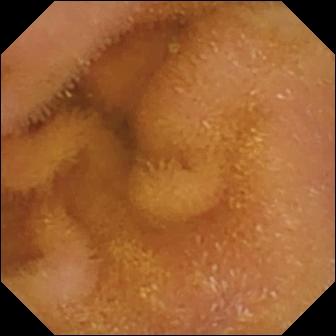VCE — normal clean mucosa.